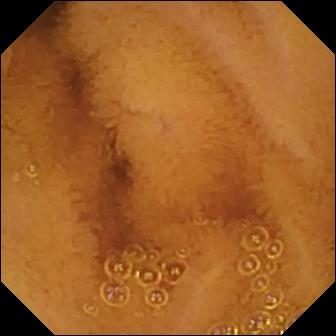modality: VCE
finding: normal clean mucosa